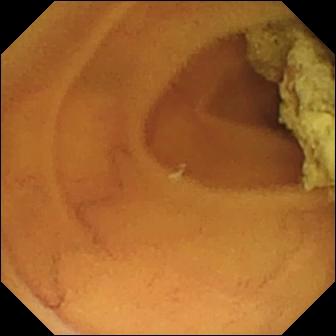Wireless capsule endoscopy snapshot showing normal clean mucosa.